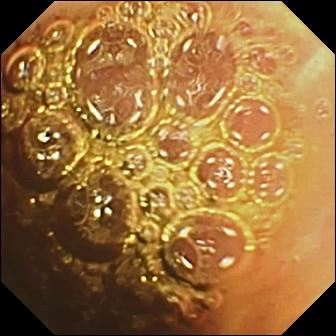Normal clean mucosa.